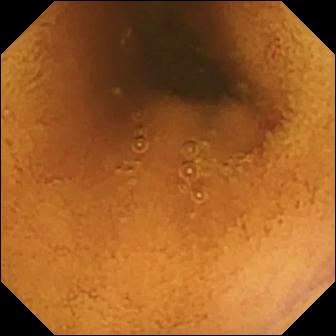- modality: small-bowel capsule endoscopy
- segment: small intestine
- category: luminal finding
- label: normal clean mucosa